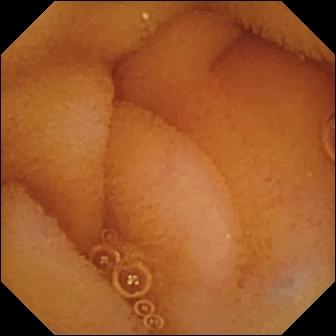Wireless capsule endoscopy frame. Normal clean mucosa.